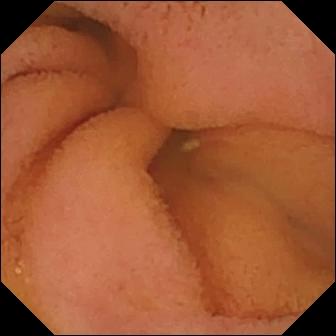PROCEDURE: Small-bowel capsule endoscopy.
SEGMENT: Small bowel.
FINDINGS: Normal clean mucosa.